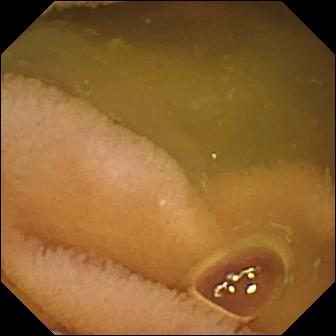Capsule endoscopy still
Label: normal clean mucosa